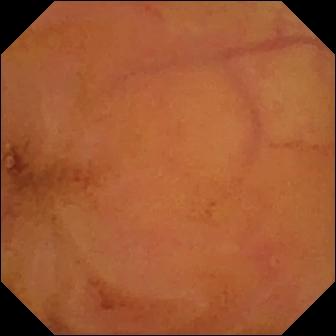{"modality": "video capsule endoscopy", "segment": "small bowel", "category": "luminal finding", "finding": "normal clean mucosa"}